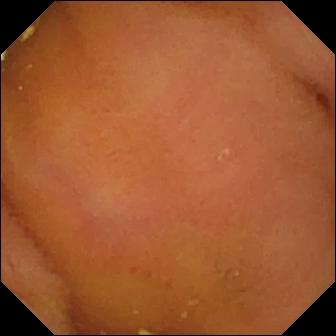modality: WCE | segment: small intestine | impression: normal clean mucosa